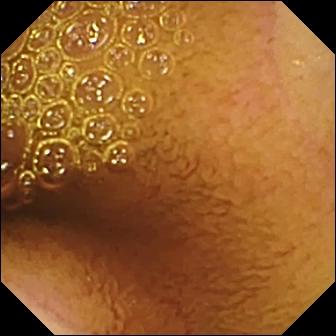VCE frame
Observation: normal clean mucosa